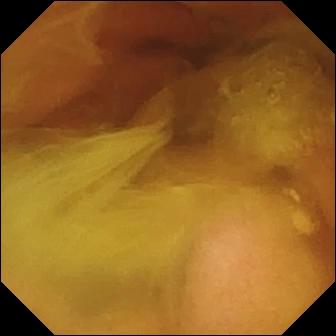Normal clean mucosa.